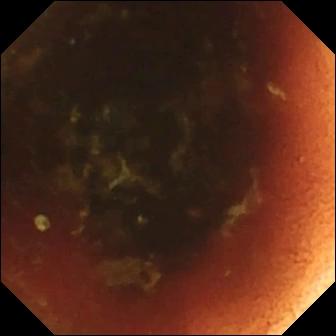This video capsule endoscopy still was taken in the ileo-cecal valve region.